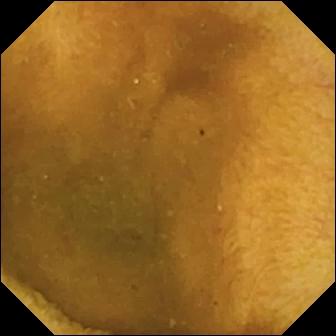Capsule endoscopy still
Impression: normal clean mucosa